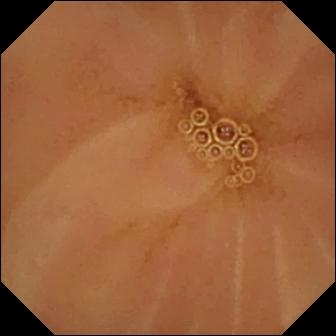VCE frame, small bowel
Label: normal clean mucosa